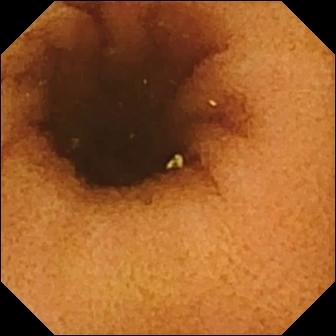Capsule endoscopy view, small intestine
Impression: normal clean mucosa